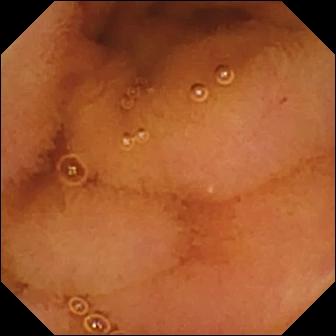{"modality": "VCE", "finding": "normal clean mucosa"}